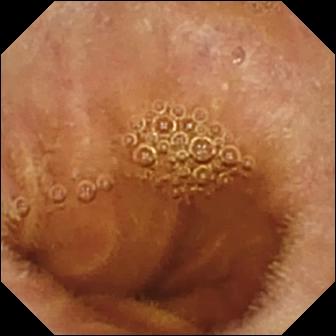Normal clean mucosa.